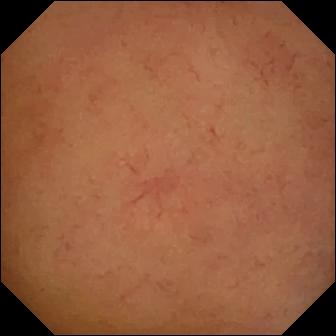modality: capsule endoscopy; segment: small intestine; category: luminal finding; label: normal clean mucosa